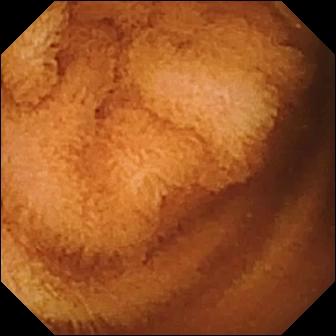modality: small-bowel capsule endoscopy | observation: normal clean mucosa